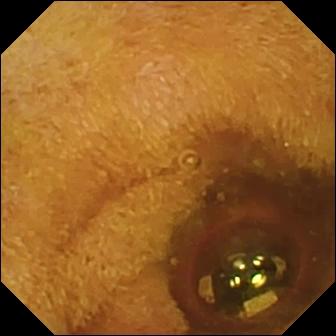- modality: wireless capsule endoscopy
- impression: foreign body (e.g. retained capsule, tablet residue)